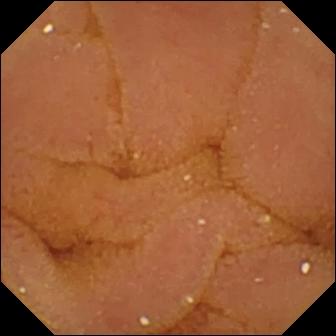modality: wireless capsule endoscopy; segment: small bowel; category: luminal finding; finding: normal clean mucosa